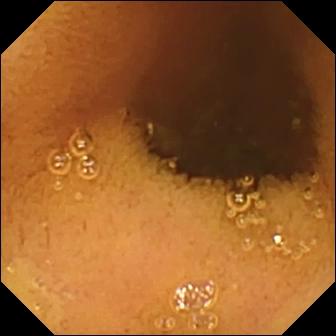modality: wireless capsule endoscopy | segment: small intestine | label: normal clean mucosa